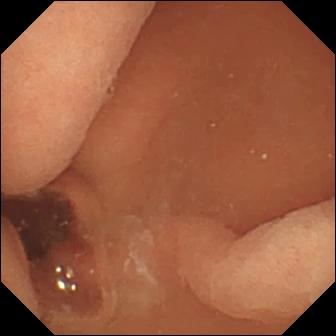- modality: small-bowel capsule endoscopy
- impression: normal clean mucosa